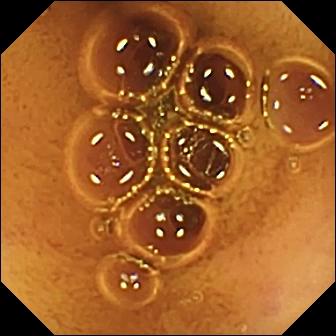modality: WCE; observation: normal clean mucosa